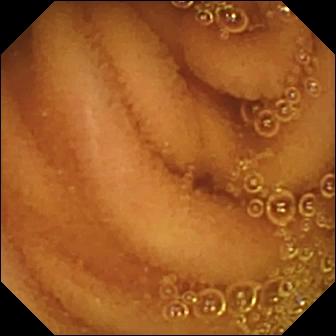Normal clean mucosa — WCE image.